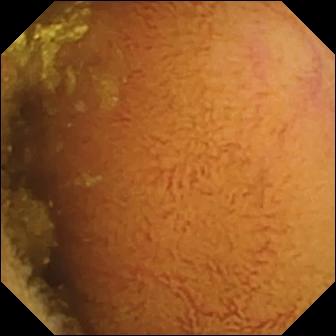PROCEDURE: Video capsule endoscopy.
SEGMENT: Small bowel.
FINDINGS: Normal clean mucosa.